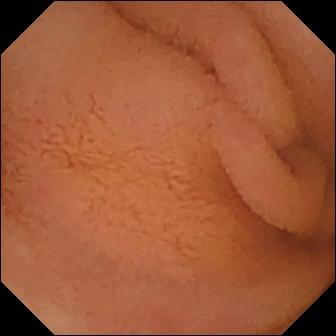Capsule endoscopy still, small bowel
Finding: normal clean mucosa